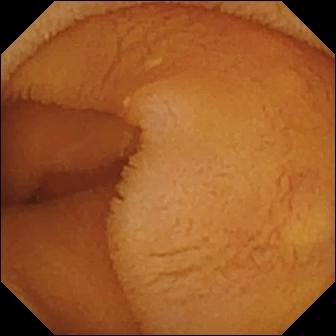VCE image showing normal clean mucosa.